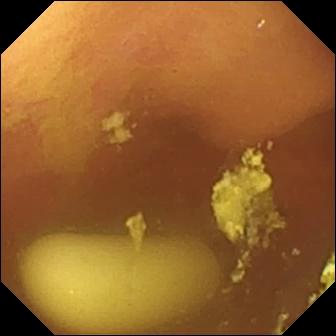Small-bowel capsule endoscopy image, 336×336. Foreign body (e.g. retained capsule, tablet residue).